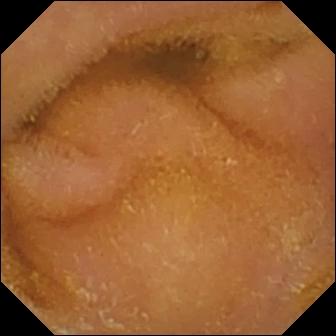- modality: video capsule endoscopy
- impression: normal clean mucosa